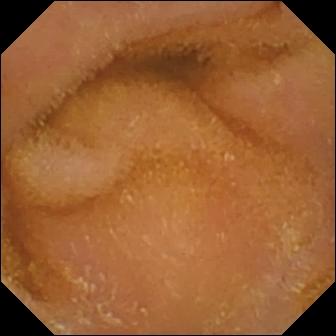Small-bowel capsule endoscopy snapshot of the small intestine showing normal clean mucosa.